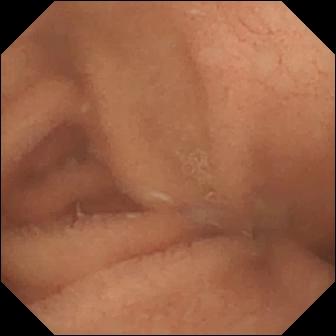Q: What does this VCE view show?
A: Normal clean mucosa.